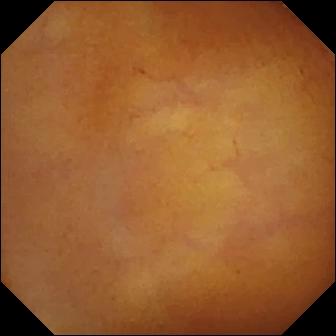Capsule endoscopy. Small bowel. Luminal finding. Finding: normal clean mucosa.